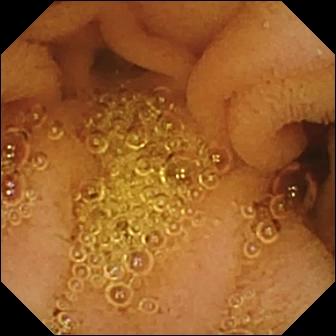Capsule endoscopy view. Normal clean mucosa.